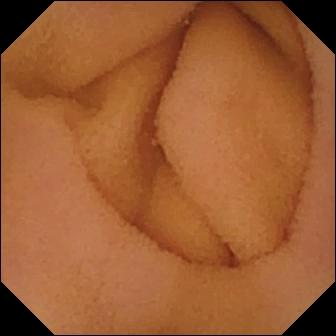{"modality": "wireless capsule endoscopy", "finding": "normal clean mucosa"}